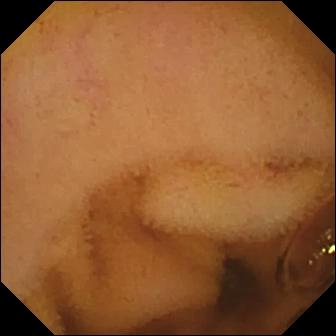WCE frame of the small bowel showing normal clean mucosa.